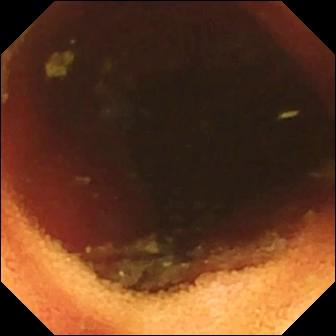Video capsule endoscopy image, 336×336. Taken in the ileo-cecal valve region (the transition from the small bowel to the large bowel).